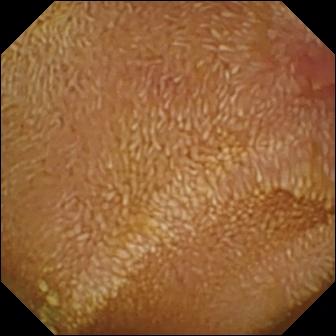Erosion — WCE image.